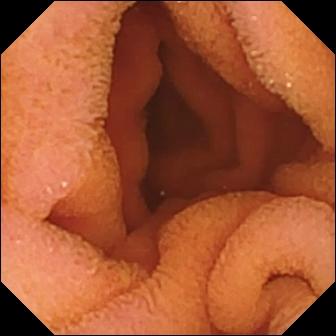Small-bowel capsule endoscopy image. Normal clean mucosa.